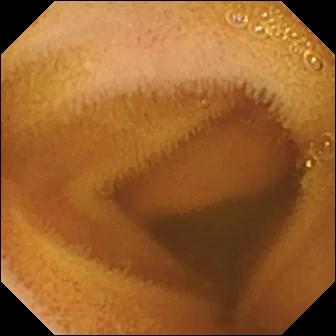This small-bowel capsule endoscopy still of the small bowel shows normal clean mucosa.